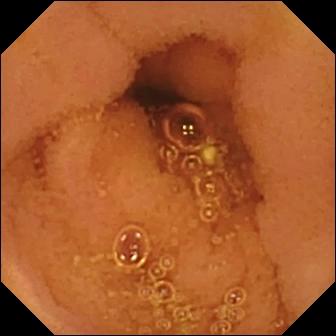Normal clean mucosa.